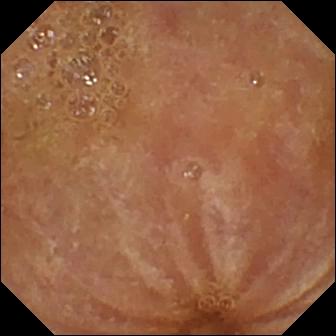Video capsule endoscopy. Label: normal clean mucosa.